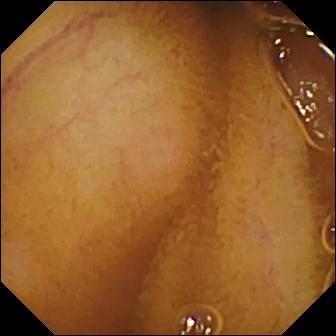{"modality": "video capsule endoscopy", "finding": "normal clean mucosa"}